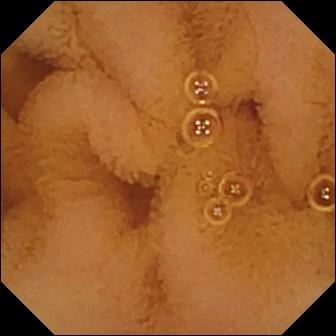Normal clean mucosa.